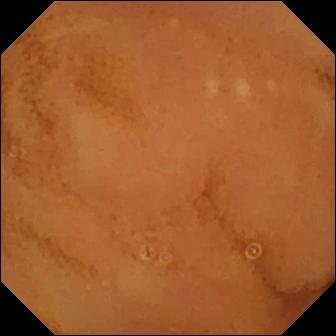Capsule endoscopy snapshot (small bowel). Normal clean mucosa.